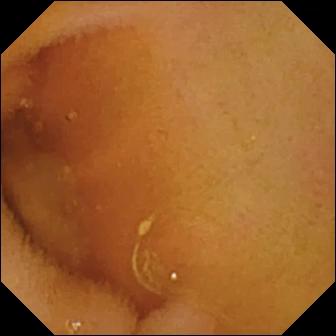Q: What does this capsule endoscopy view of the small bowel show?
A: Normal clean mucosa.